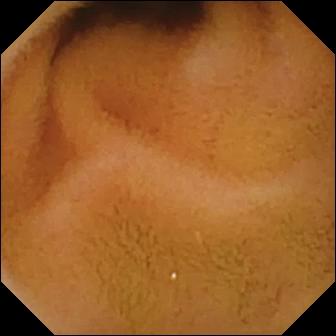Wireless capsule endoscopy image
Observation: normal clean mucosa